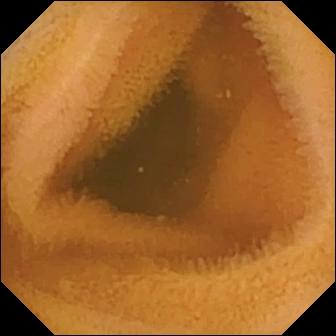Capsule endoscopy — normal clean mucosa.